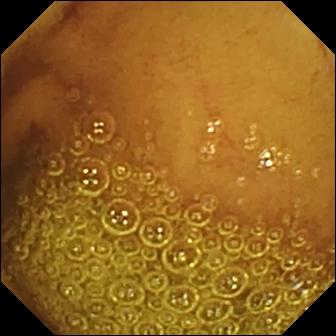Wireless capsule endoscopy — normal clean mucosa.